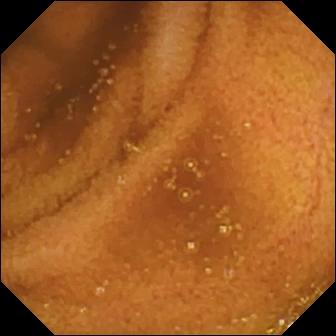VCE snapshot
Finding: normal clean mucosa